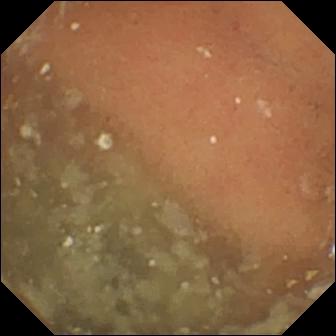{"modality": "wireless capsule endoscopy", "finding": "normal clean mucosa"}